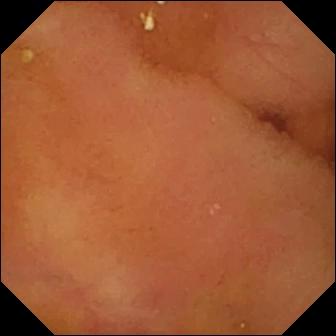Normal clean mucosa.